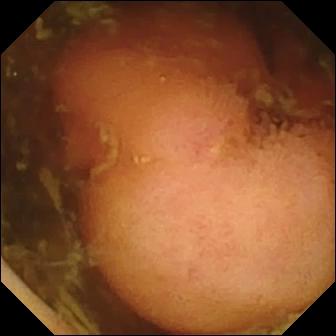Polyp — capsule endoscopy frame.